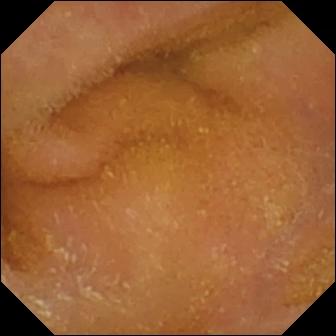Video capsule endoscopy snapshot (small bowel), 336×336. Normal clean mucosa.